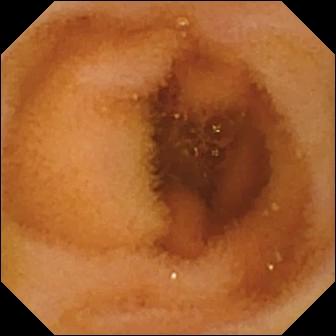Normal clean mucosa.